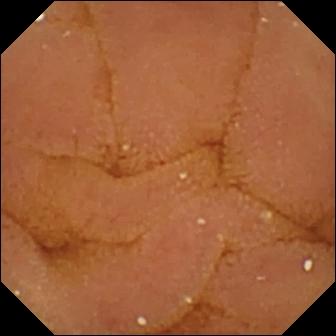Small-bowel capsule endoscopy — normal clean mucosa.